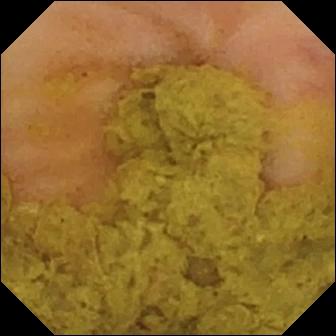modality: WCE | category: anatomical landmark | label: ileo-cecal valve region (the transition from the small bowel to the large bowel)